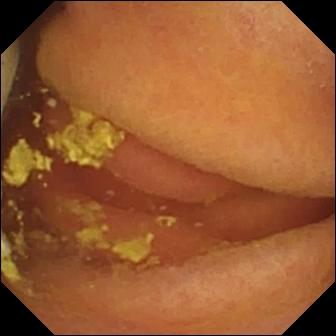PROCEDURE: WCE.
FINDINGS: Foreign body (e.g. retained capsule, tablet residue).